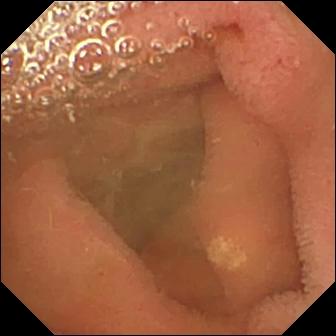{"modality": "WCE", "category": "luminal finding", "finding": "lymphangiectasia"}